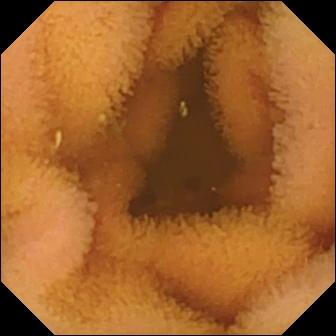Video capsule endoscopy — normal clean mucosa.